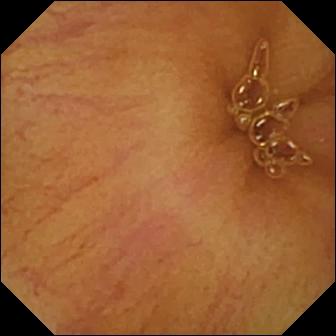Normal clean mucosa — WCE still of the small bowel.